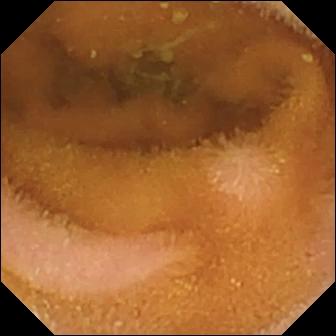PROCEDURE: WCE.
FINDINGS: Normal clean mucosa.